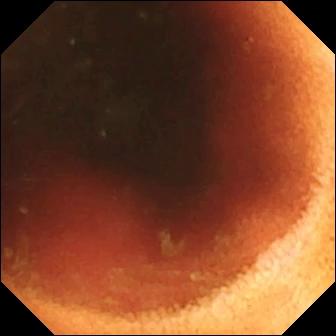WCE. Location: ileo-cecal valve region (where the capsule passes from the small bowel into the large bowel).